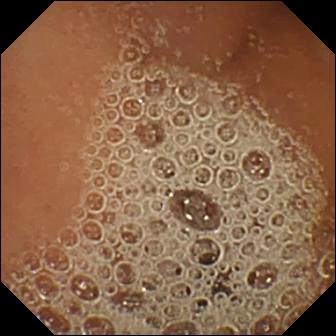Small-bowel capsule endoscopy frame. Normal clean mucosa.